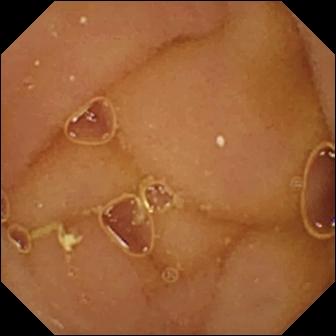{"modality": "small-bowel capsule endoscopy", "segment": "small bowel", "finding": "normal clean mucosa"}